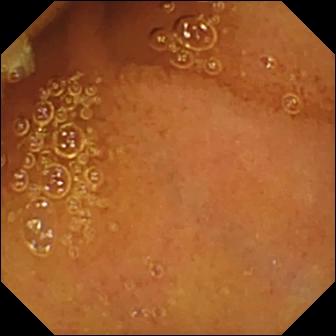Capsule endoscopy frame, small bowel
Label: normal clean mucosa